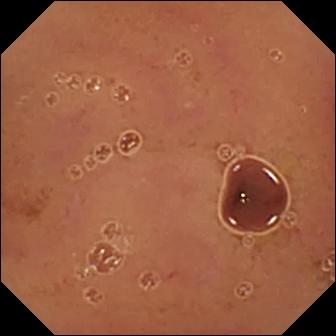PROCEDURE: Video capsule endoscopy.
FINDINGS: Normal clean mucosa.